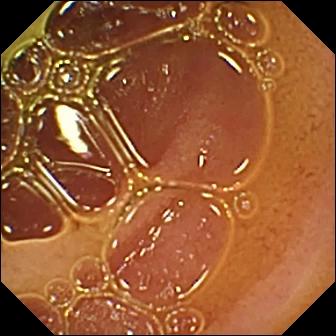Q: What does this wireless capsule endoscopy view show?
A: Normal clean mucosa.